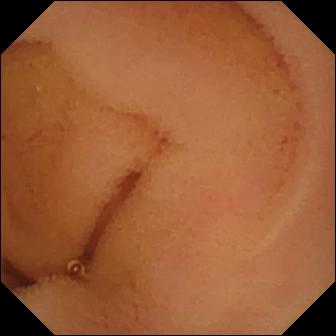Capsule endoscopy snapshot of the small intestine showing normal clean mucosa.